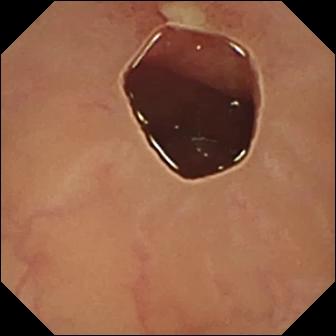PROCEDURE: WCE.
FINDINGS: Ulcer.